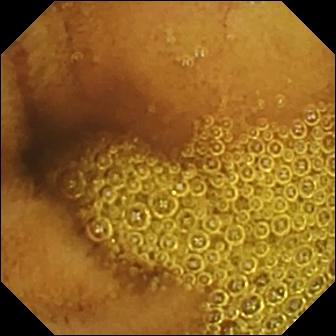PROCEDURE: Small-bowel capsule endoscopy.
SEGMENT: Small intestine.
FINDINGS: Normal clean mucosa.